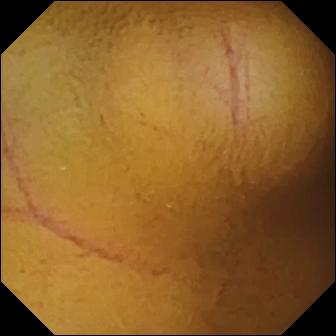VCE view
Finding: normal clean mucosa